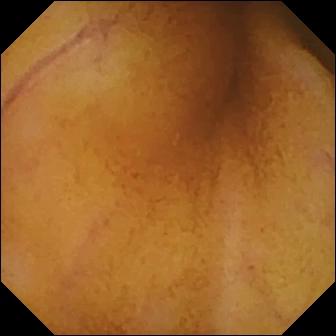WCE snapshot
Label: normal clean mucosa